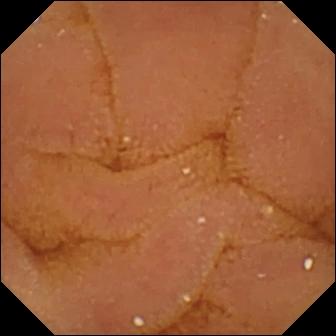- modality: capsule endoscopy
- segment: small intestine
- observation: normal clean mucosa